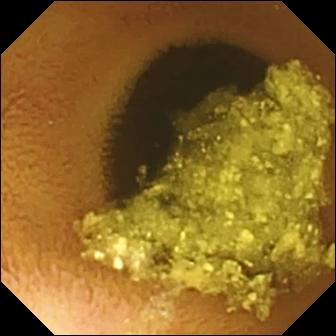Small-bowel capsule endoscopy frame, small intestine
Finding: normal clean mucosa